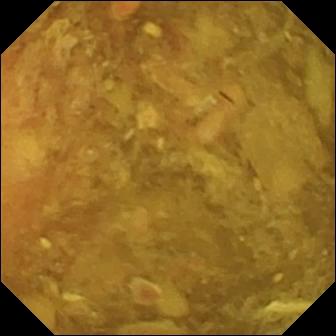Video capsule endoscopy. Impression: reduced mucosal view (content or bubbles obscuring the mucosa).